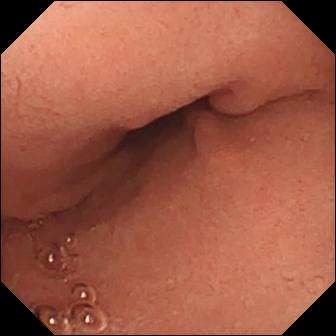modality: VCE | category: anatomical landmark | location: pylorus region (where the capsule passes from the stomach into the small bowel)